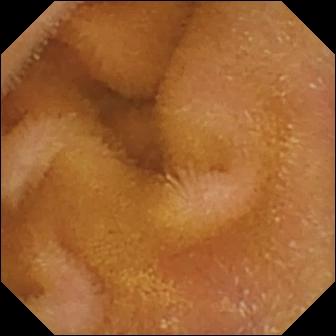Wireless capsule endoscopy snapshot (small intestine). Normal clean mucosa.